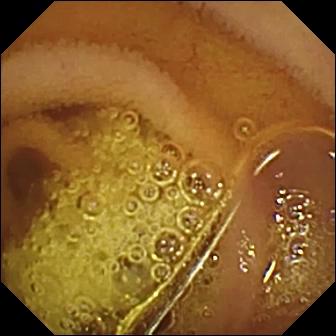Normal clean mucosa.